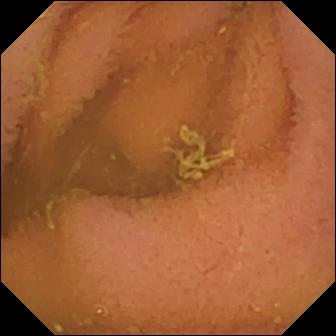This capsule endoscopy snapshot of the small bowel shows normal clean mucosa.